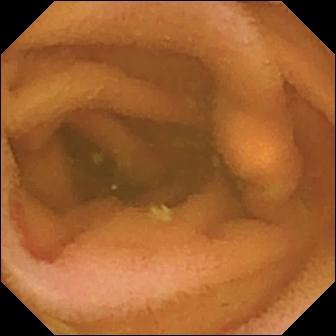Normal clean mucosa.